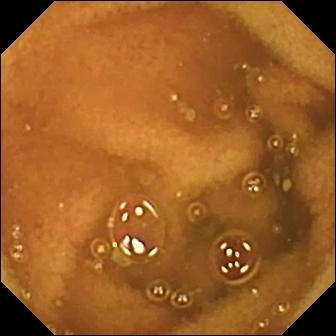Video capsule endoscopy — normal clean mucosa.